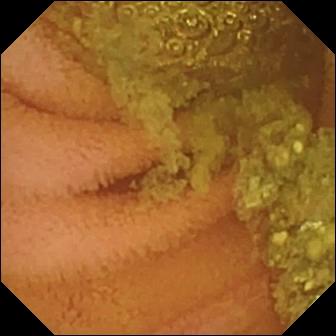Q: What does this wireless capsule endoscopy view of the small bowel show?
A: Normal clean mucosa.